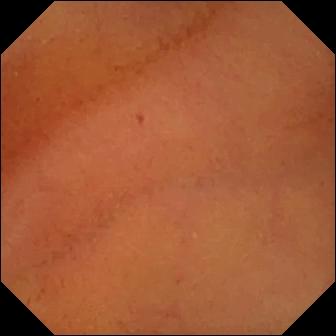- modality: video capsule endoscopy
- segment: small intestine
- category: luminal finding
- observation: normal clean mucosa